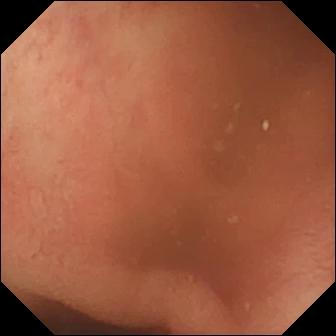Small-bowel capsule endoscopy. Location: pylorus region (where the capsule passes from the stomach into the small bowel).